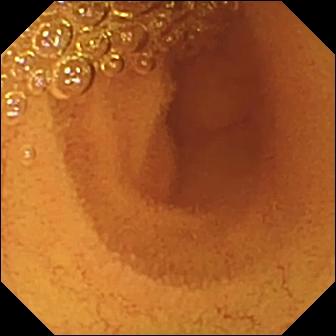Capsule endoscopy snapshot. Normal clean mucosa.